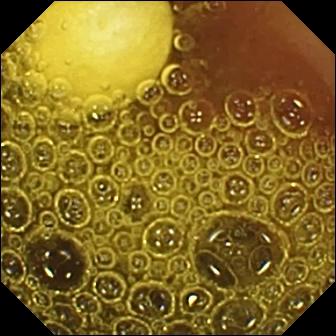This video capsule endoscopy view shows foreign body (e.g. retained capsule, tablet residue).